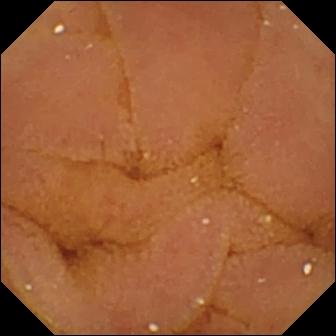Wireless capsule endoscopy image, small intestine
Label: normal clean mucosa